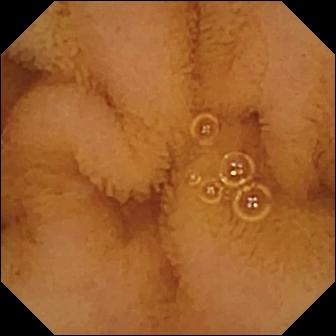Q: What does this wireless capsule endoscopy view of the small intestine show?
A: Normal clean mucosa.